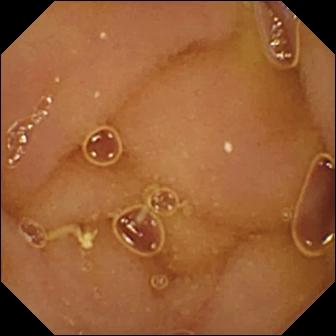Wireless capsule endoscopy still (small bowel). Normal clean mucosa.